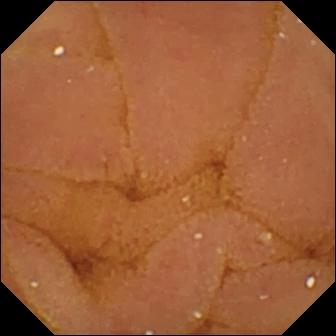This video capsule endoscopy view shows normal clean mucosa.